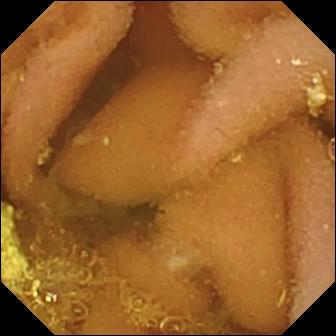{"modality": "WCE", "finding": "lymphangiectasia"}